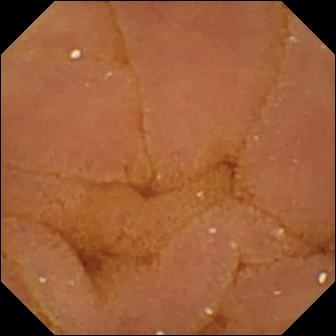modality: capsule endoscopy; segment: small intestine; category: luminal finding; observation: normal clean mucosa